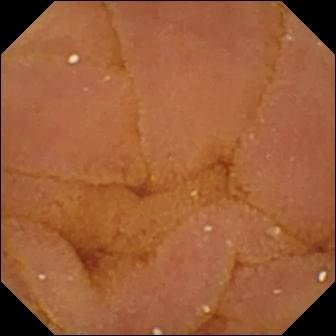Q: What does this VCE frame of the small bowel show?
A: Normal clean mucosa.